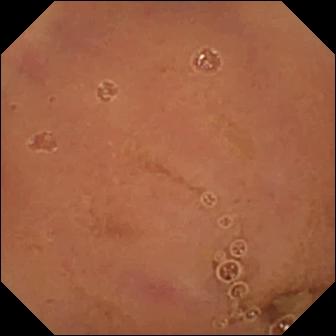VCE still. Normal clean mucosa.